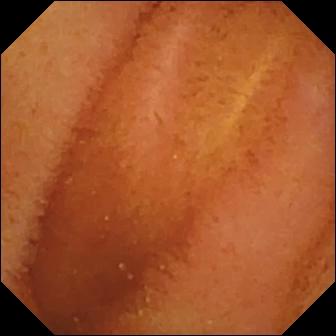Small-bowel capsule endoscopy frame of the small bowel showing normal clean mucosa.